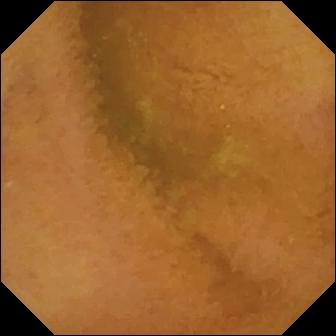PROCEDURE: Wireless capsule endoscopy.
FINDINGS: Normal clean mucosa.